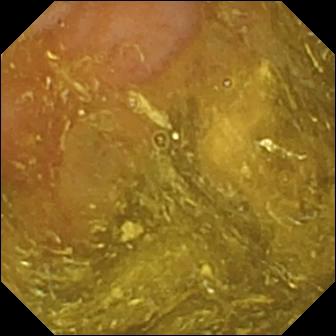Q: Where in the digestive tract was this small-bowel capsule endoscopy still taken?
A: Ileo-cecal valve region.